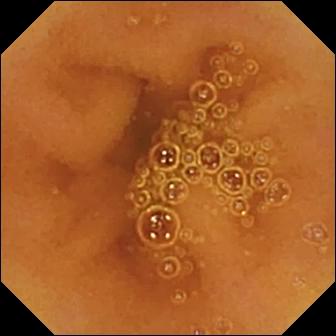modality: capsule endoscopy | finding: normal clean mucosa